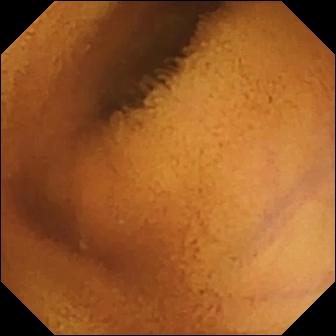{"modality": "VCE", "category": "luminal finding", "finding": "normal clean mucosa"}